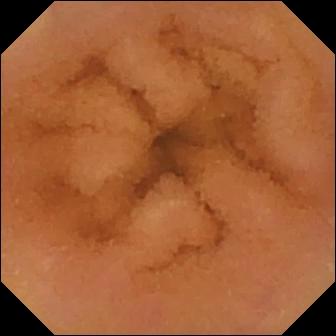- modality: WCE
- label: normal clean mucosa